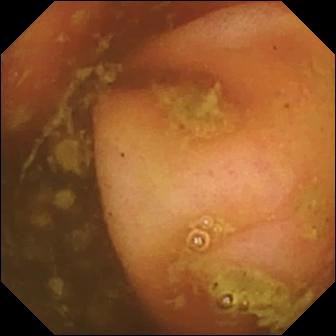PROCEDURE: WCE.
VIDEO SEGMENT: Ileo-cecal valve region (where the capsule passes from the small bowel into the large bowel).